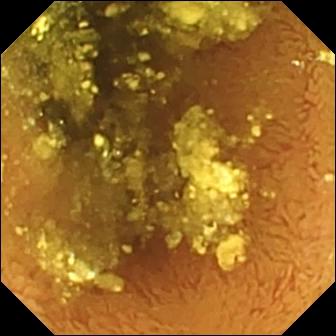Normal clean mucosa — wireless capsule endoscopy still of the small intestine.